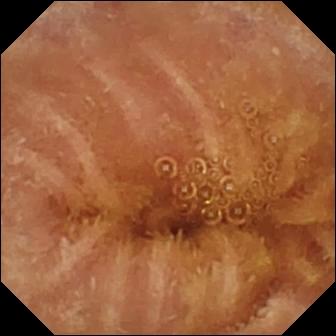Capsule endoscopy — normal clean mucosa.